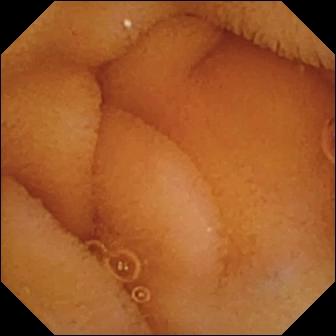Video capsule endoscopy frame (small intestine). Normal clean mucosa.